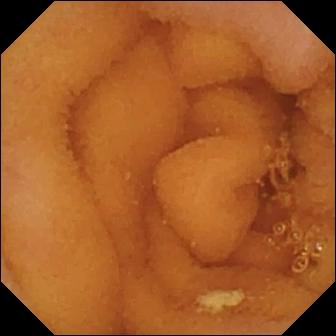modality: wireless capsule endoscopy
category: luminal finding
observation: normal clean mucosa